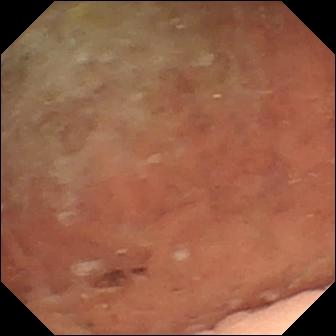modality: wireless capsule endoscopy; category: luminal finding; finding: angiectasia